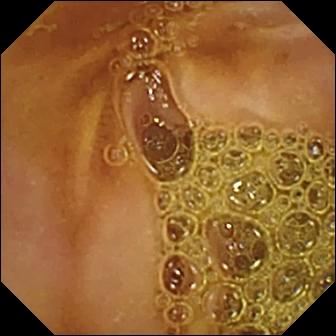WCE. Small intestine. Luminal finding. Impression: normal clean mucosa.